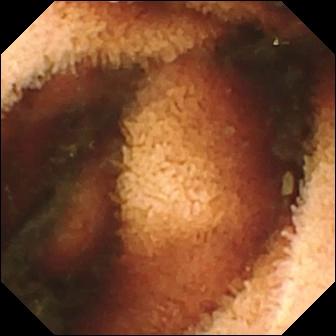- modality: small-bowel capsule endoscopy
- label: fresh blood in the lumen